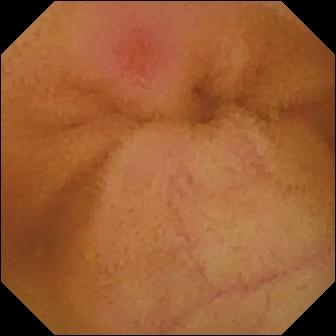VCE. Finding: erythema (mucosal redness).